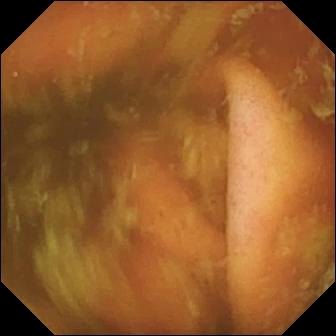Ileo-cecal valve region (where the capsule passes from the small bowel into the large bowel), 336×336.